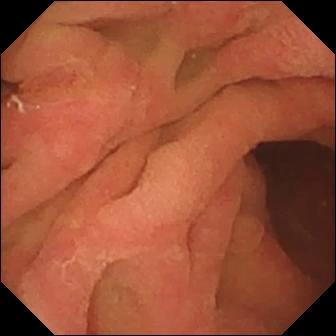WCE still (small bowel). Ampulla of Vater (major duodenal papilla).